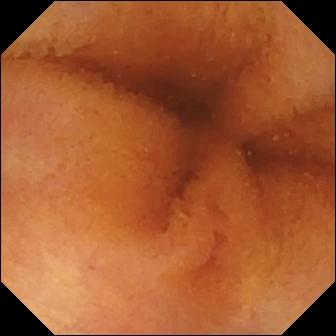Normal clean mucosa — wireless capsule endoscopy still.